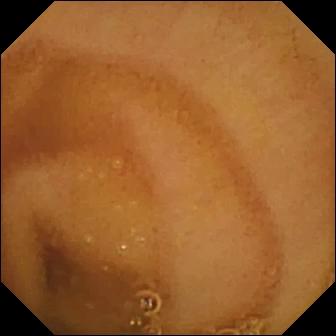- modality: WCE
- impression: normal clean mucosa